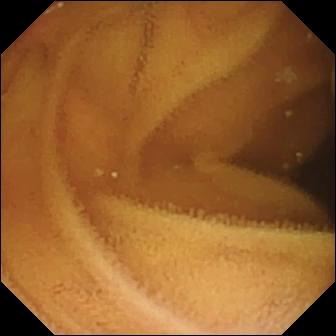- modality: wireless capsule endoscopy
- category: luminal finding
- label: normal clean mucosa